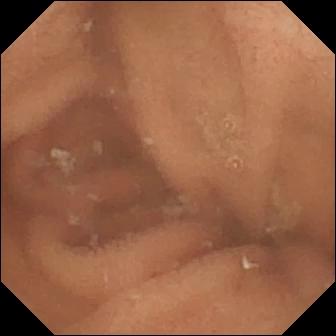This VCE still of the small bowel shows normal clean mucosa.